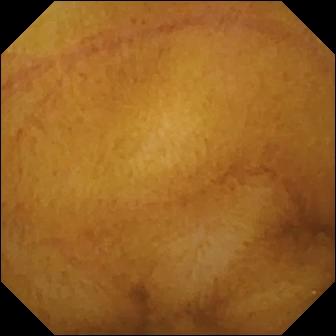Q: What does this VCE snapshot show?
A: Normal clean mucosa.